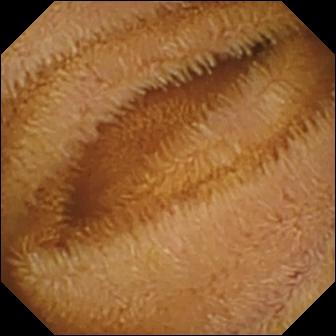modality: video capsule endoscopy | segment: small intestine | category: luminal finding | label: normal clean mucosa